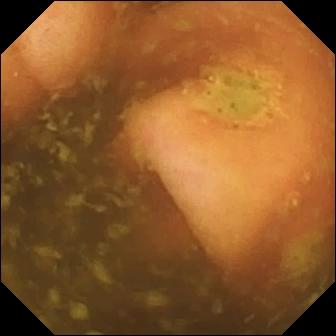{"modality": "WCE", "category": "anatomical landmark", "label": "ileo-cecal valve region (the transition from the small bowel to the large bowel)"}